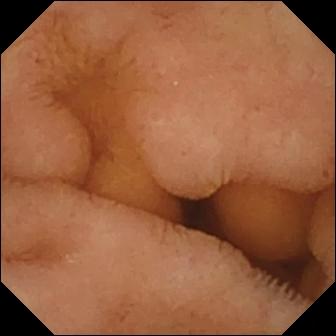Normal clean mucosa (336×336).